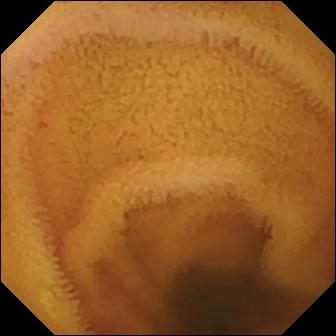{"modality": "capsule endoscopy", "finding": "normal clean mucosa"}